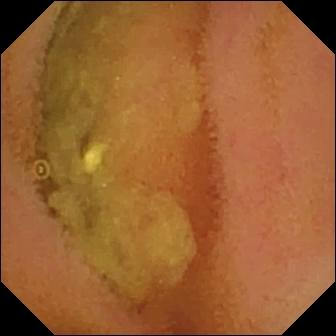WCE view of the small intestine showing normal clean mucosa.